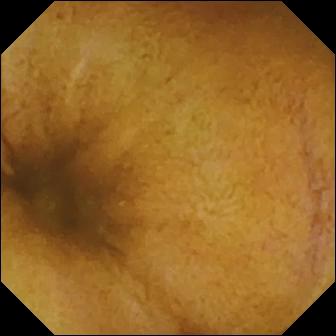modality: VCE | segment: small intestine | observation: normal clean mucosa